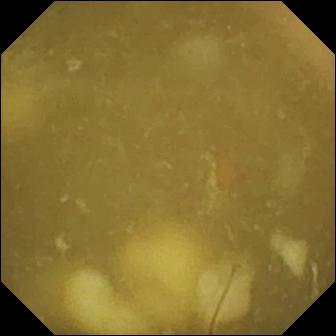PROCEDURE: VCE.
LOCATION: Ileo-cecal valve region (where the capsule passes from the small bowel into the large bowel).